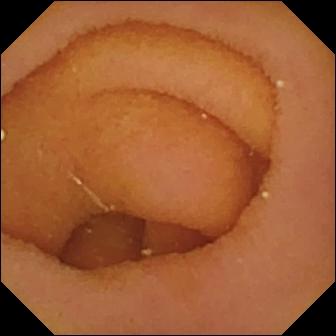WCE — pylorus region.